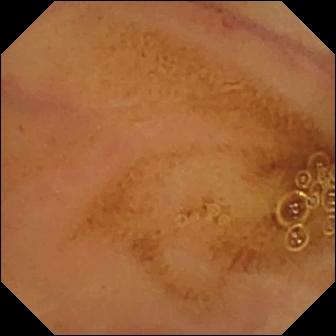modality: WCE
segment: small intestine
impression: normal clean mucosa